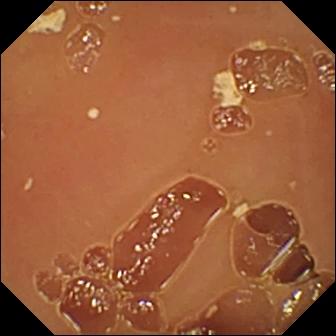Normal clean mucosa (336×336).